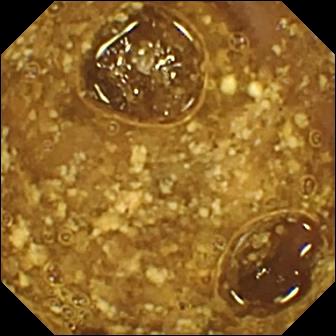Reduced mucosal view (content or bubbles obscuring the mucosa) — capsule endoscopy image of the small intestine.